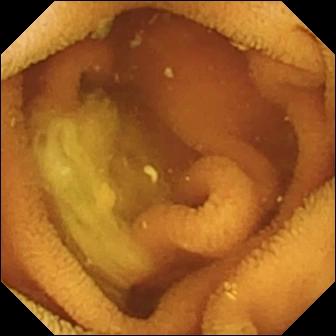- modality: video capsule endoscopy
- segment: small intestine
- category: luminal finding
- finding: normal clean mucosa